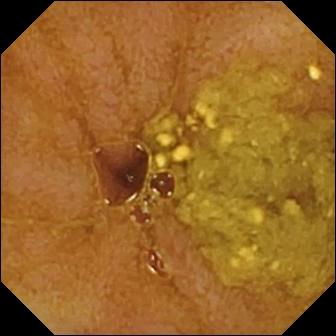PROCEDURE: Capsule endoscopy.
POSITION: Ileo-cecal valve region (where the capsule passes from the small bowel into the large bowel).